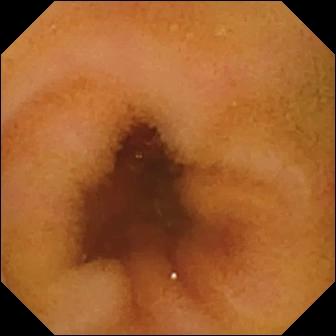PROCEDURE: Wireless capsule endoscopy.
FINDINGS: Normal clean mucosa.